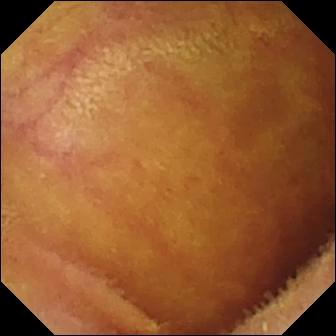This small-bowel capsule endoscopy image shows normal clean mucosa.